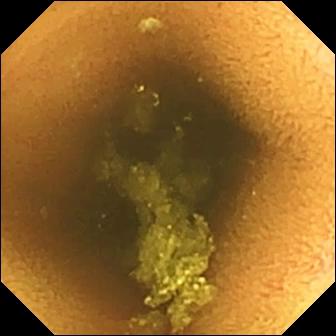Wireless capsule endoscopy frame
Impression: normal clean mucosa